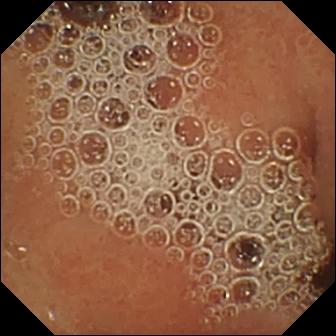modality: VCE; category: luminal finding; finding: normal clean mucosa